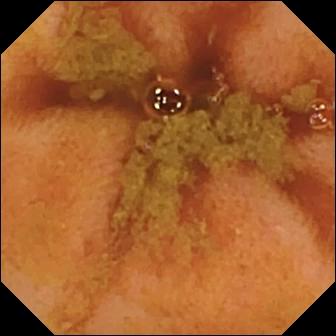VCE view
Video segment: ileo-cecal valve region